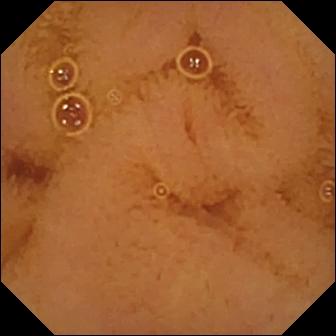Small-bowel capsule endoscopy snapshot, small bowel
Impression: normal clean mucosa